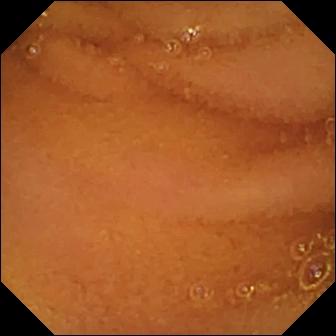PROCEDURE: Video capsule endoscopy.
SEGMENT: Small intestine.
FINDINGS: Normal clean mucosa.